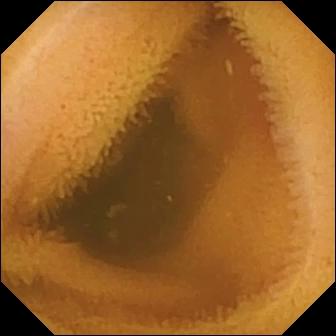Q: What does this wireless capsule endoscopy image of the small bowel show?
A: Normal clean mucosa.